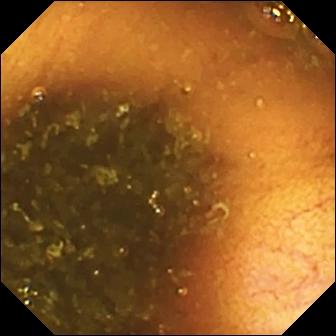WCE frame
Label: ileo-cecal valve region